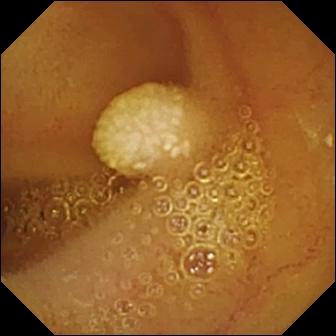- modality: capsule endoscopy
- finding: lymphangiectasia